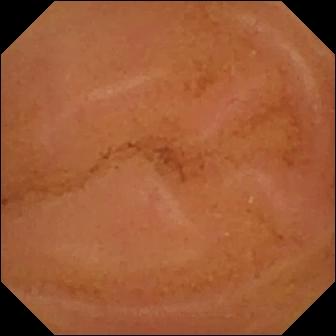Q: What does this wireless capsule endoscopy snapshot of the small intestine show?
A: Normal clean mucosa.